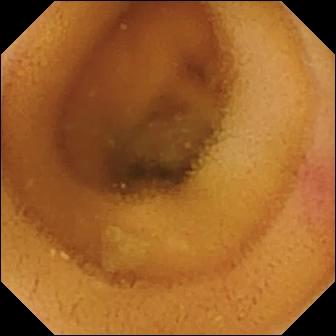modality: capsule endoscopy
label: angiectasia